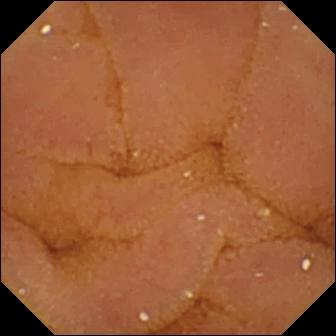Wireless capsule endoscopy snapshot showing normal clean mucosa.